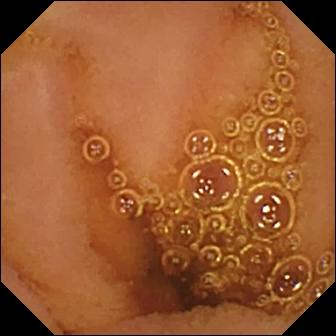PROCEDURE: Wireless capsule endoscopy.
SEGMENT: Small intestine.
FINDINGS: Normal clean mucosa.